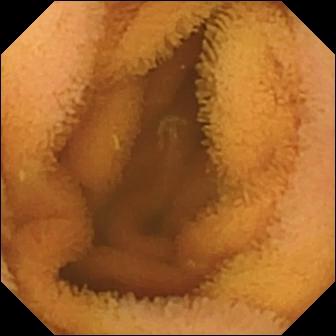VCE image of the small bowel showing normal clean mucosa.